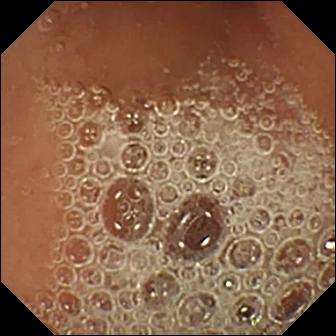Small-bowel capsule endoscopy image. Normal clean mucosa.